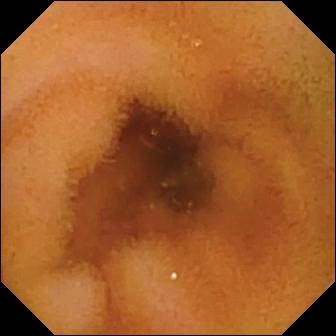VCE frame showing normal clean mucosa.